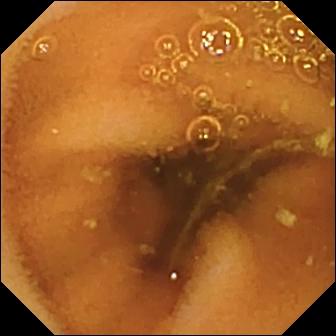This VCE snapshot of the small bowel shows normal clean mucosa.